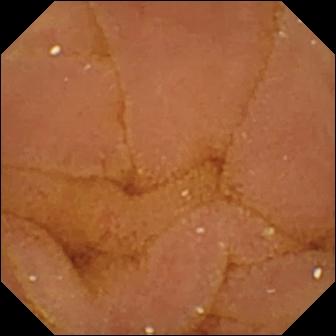PROCEDURE: Capsule endoscopy.
SEGMENT: Small intestine.
FINDINGS: Normal clean mucosa.